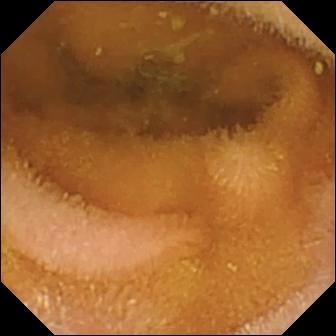{"modality": "capsule endoscopy", "category": "luminal finding", "finding": "normal clean mucosa"}